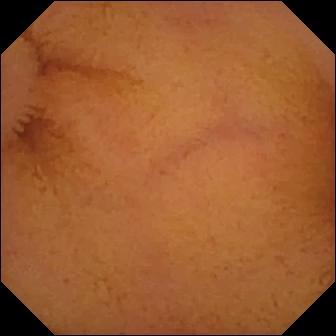Wireless capsule endoscopy. Small intestine. Finding: normal clean mucosa.